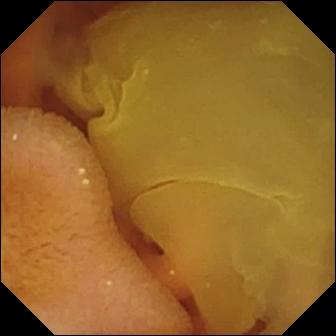PROCEDURE: Small-bowel capsule endoscopy.
SEGMENT: Small intestine.
FINDINGS: Normal clean mucosa.